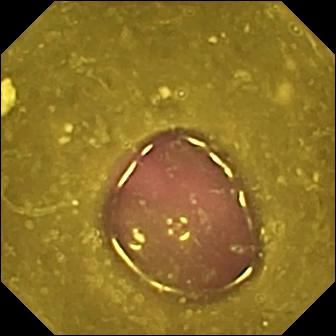Q: What does this video capsule endoscopy snapshot show?
A: Reduced mucosal view (content or bubbles obscuring the mucosa).